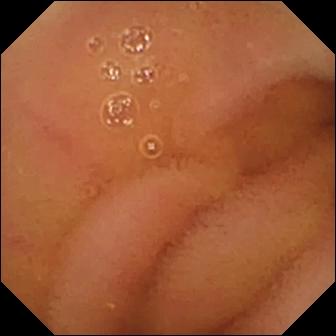Q: What does this video capsule endoscopy snapshot of the small intestine show?
A: Normal clean mucosa.